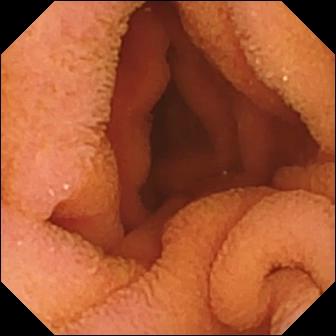Q: What does this WCE frame of the small bowel show?
A: Normal clean mucosa.